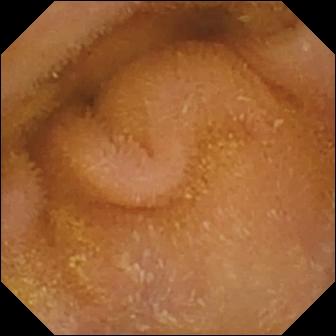- modality: wireless capsule endoscopy
- observation: normal clean mucosa